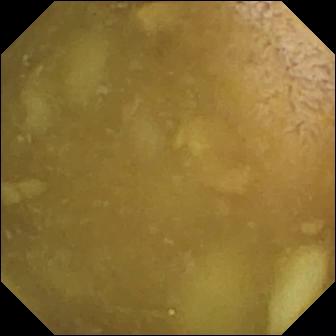Ileo-cecal valve region.